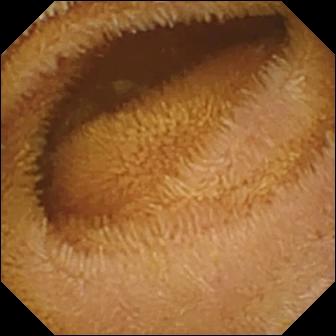Small-bowel capsule endoscopy view
Impression: normal clean mucosa